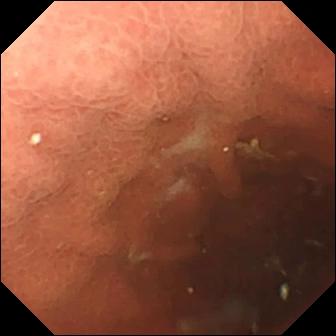Capsule endoscopy image
Label: pylorus region (where the capsule passes from the stomach into the small bowel)